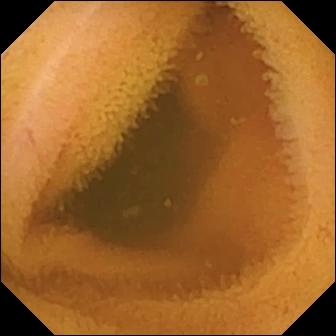Q: What does this capsule endoscopy still show?
A: Normal clean mucosa.